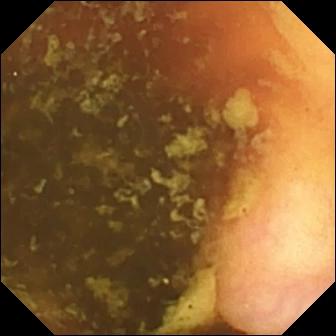PROCEDURE: Wireless capsule endoscopy.
VIDEO SEGMENT: Ileo-cecal valve region.